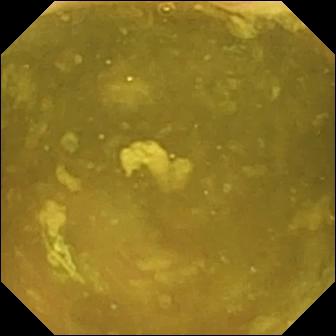This small-bowel capsule endoscopy frame was taken in the ileo-cecal valve region (the transition from the small bowel to the large bowel).